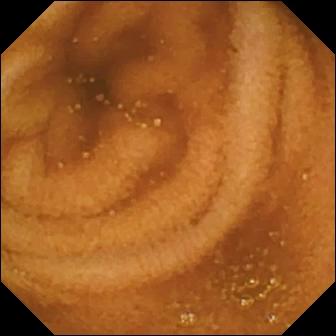- modality: video capsule endoscopy
- segment: small bowel
- label: normal clean mucosa